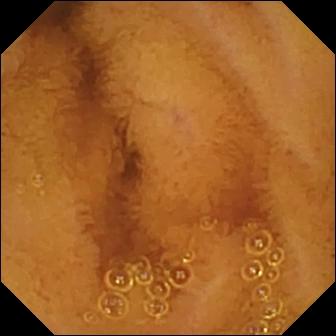Q: What does this VCE still show?
A: Normal clean mucosa.